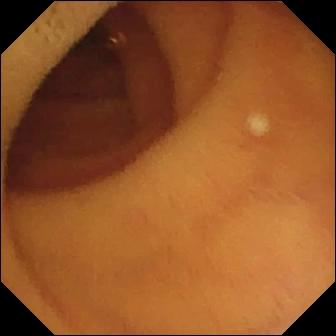Video capsule endoscopy snapshot of the small intestine showing normal clean mucosa.